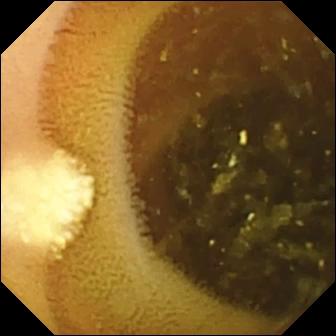- modality: video capsule endoscopy
- category: luminal finding
- observation: lymphangiectasia